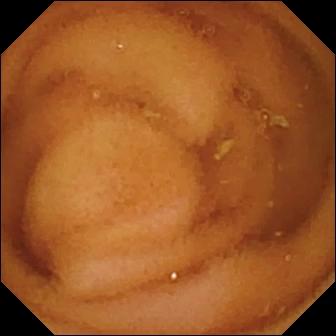This wireless capsule endoscopy snapshot of the small intestine shows normal clean mucosa.